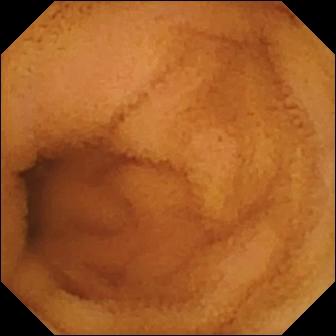{"modality": "video capsule endoscopy", "finding": "normal clean mucosa"}